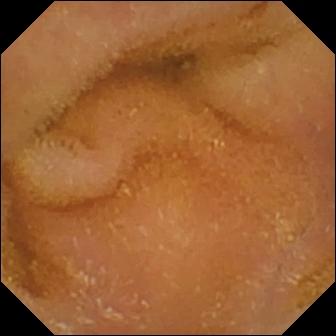Normal clean mucosa.